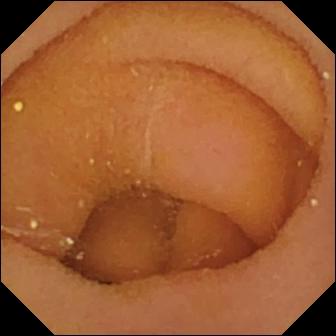Video capsule endoscopy — pylorus region (the junction between the stomach and the small bowel).